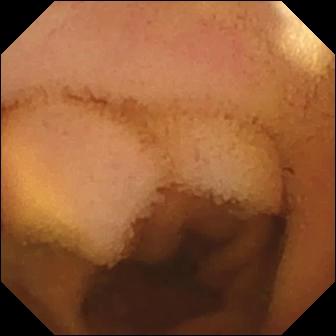modality: small-bowel capsule endoscopy
segment: small intestine
category: luminal finding
label: normal clean mucosa